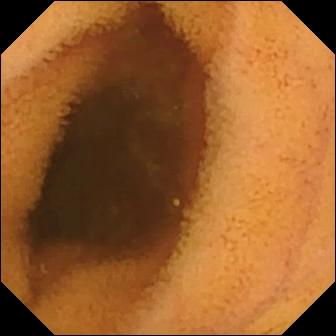Normal clean mucosa — small-bowel capsule endoscopy image of the small intestine.